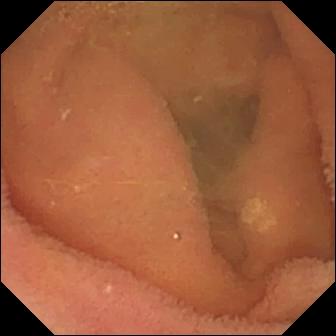PROCEDURE: Small-bowel capsule endoscopy.
FINDINGS: Lymphangiectasia.